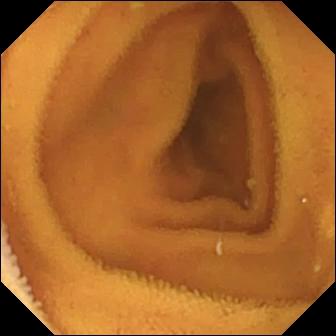VCE. Finding: normal clean mucosa.